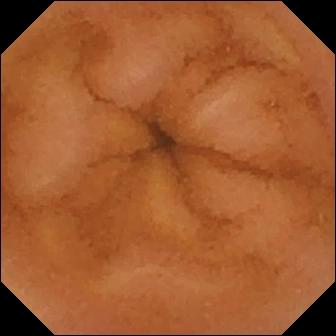Normal clean mucosa.